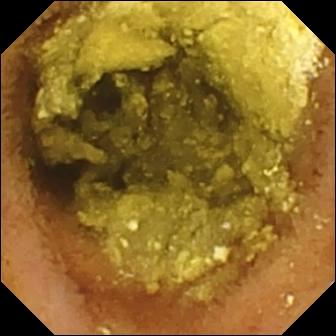This WCE view shows normal clean mucosa.